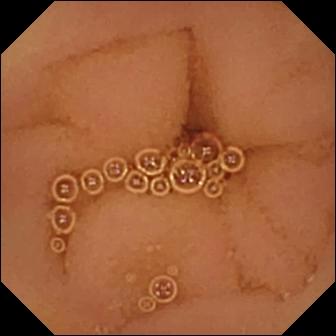- modality: VCE
- observation: normal clean mucosa